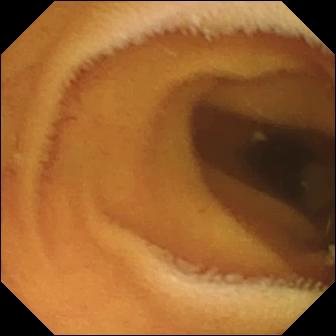Small-bowel capsule endoscopy snapshot
Impression: normal clean mucosa